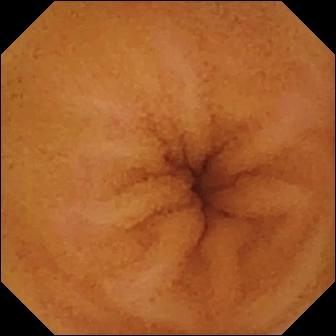PROCEDURE: Video capsule endoscopy.
FINDINGS: Normal clean mucosa.